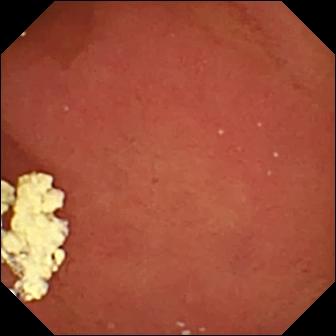modality: small-bowel capsule endoscopy; video segment: pylorus region (where the capsule passes from the stomach into the small bowel)